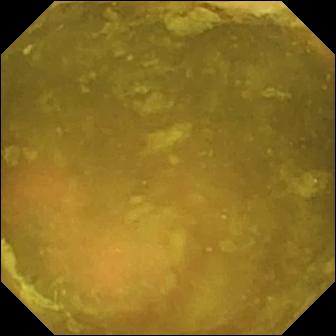This video capsule endoscopy still was taken in the ileo-cecal valve region.